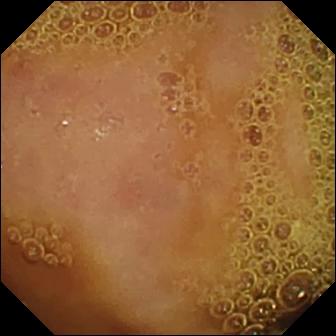Small-bowel capsule endoscopy still of the small intestine showing normal clean mucosa.